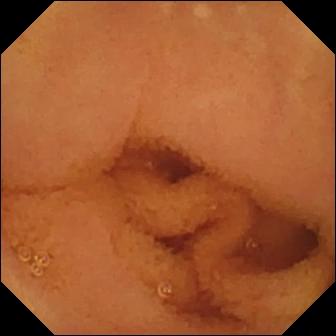Normal clean mucosa — small-bowel capsule endoscopy snapshot.